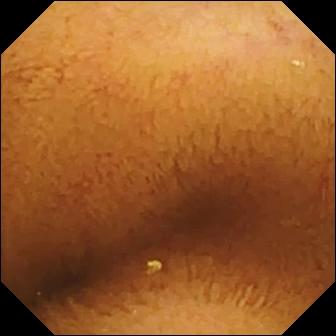modality: video capsule endoscopy
segment: small bowel
category: luminal finding
finding: normal clean mucosa